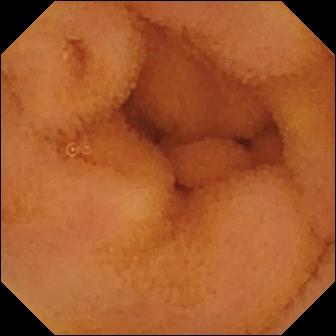VCE. Small bowel. Observation: normal clean mucosa.